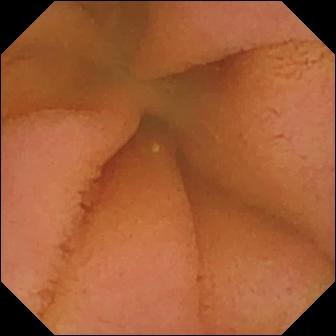PROCEDURE: VCE.
SEGMENT: Small intestine.
FINDINGS: Normal clean mucosa.